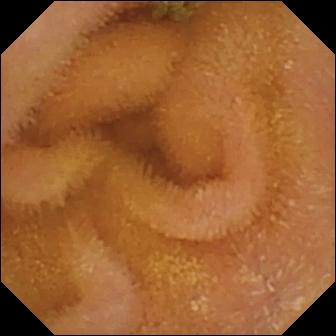Wireless capsule endoscopy. Small intestine. Luminal finding. Impression: normal clean mucosa.